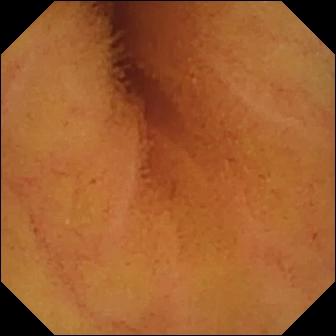{"modality": "capsule endoscopy", "segment": "small bowel", "category": "luminal finding", "finding": "normal clean mucosa"}